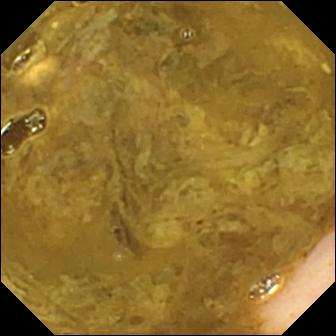modality: small-bowel capsule endoscopy | video segment: ileo-cecal valve region (the transition from the small bowel to the large bowel)